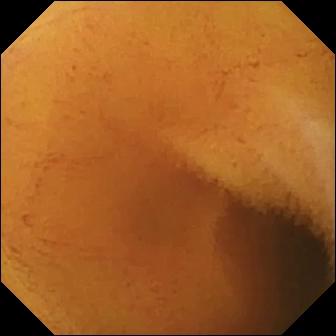modality: VCE | segment: small intestine | impression: normal clean mucosa